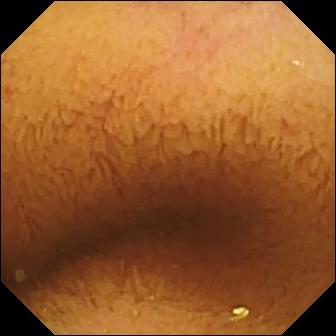{"modality": "WCE", "segment": "small intestine", "finding": "normal clean mucosa"}